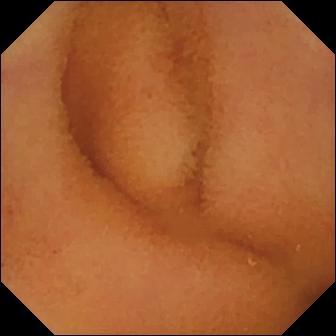Capsule endoscopy image. Normal clean mucosa.